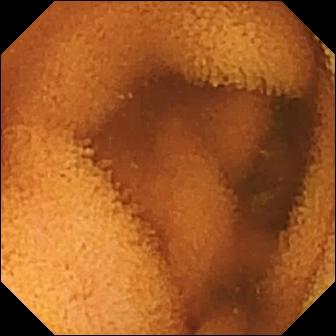VCE — normal clean mucosa.